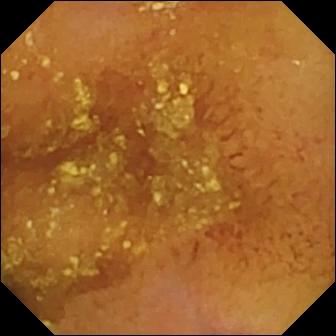- modality: wireless capsule endoscopy
- segment: small bowel
- finding: normal clean mucosa